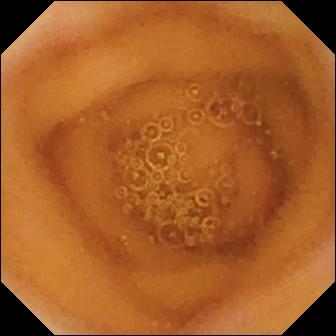Small-bowel capsule endoscopy frame
Label: normal clean mucosa